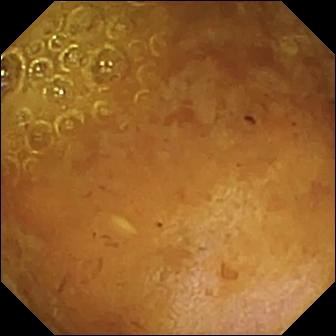Small-bowel capsule endoscopy still, small intestine
Label: reduced mucosal view (content or bubbles obscuring the mucosa)